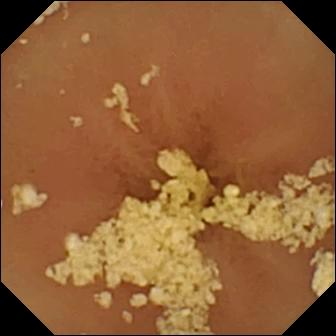- modality: wireless capsule endoscopy
- segment: small bowel
- label: normal clean mucosa